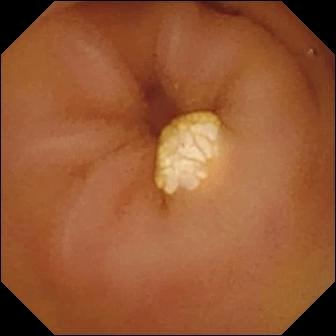Lymphangiectasia — VCE snapshot.